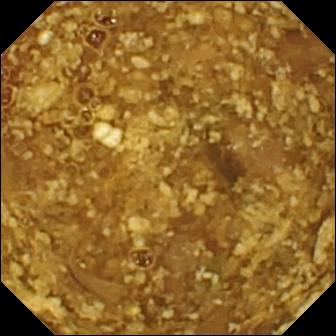- modality: capsule endoscopy
- observation: reduced mucosal view (content or bubbles obscuring the mucosa)